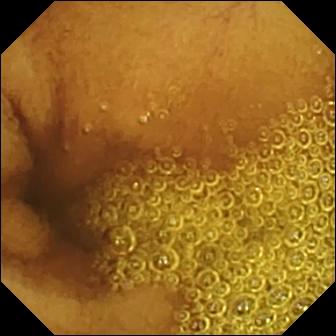{"modality": "wireless capsule endoscopy", "segment": "small bowel", "finding": "normal clean mucosa"}